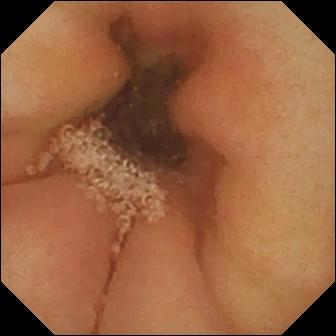Small-bowel capsule endoscopy snapshot
Video segment: pylorus region